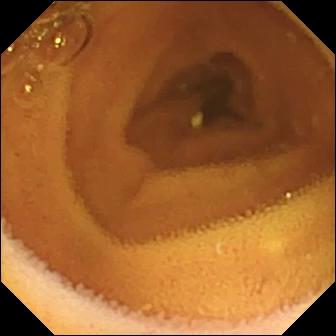- modality: WCE
- category: luminal finding
- finding: normal clean mucosa